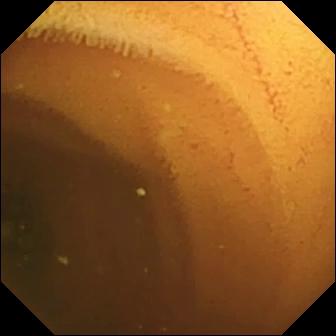modality: video capsule endoscopy
segment: small intestine
category: luminal finding
observation: normal clean mucosa